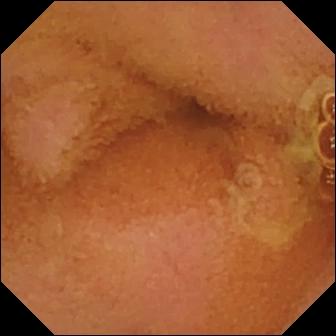Normal clean mucosa — VCE snapshot.